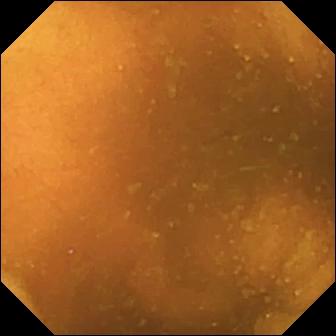{"modality": "wireless capsule endoscopy", "segment": "small bowel", "finding": "normal clean mucosa"}